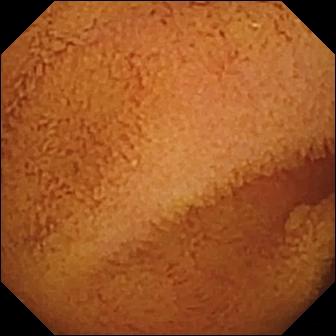Small-bowel capsule endoscopy — normal clean mucosa.